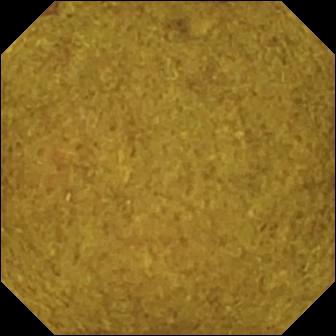- modality: wireless capsule endoscopy
- category: anatomical landmark
- position: ileo-cecal valve region